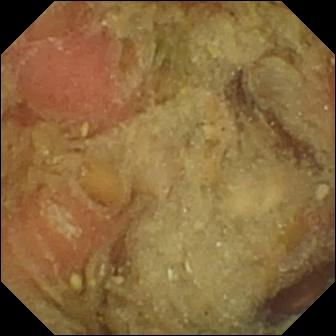VCE — pylorus region (the junction between the stomach and the small bowel).